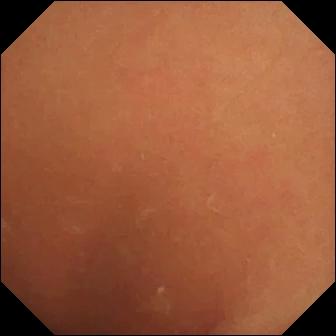PROCEDURE: Wireless capsule endoscopy.
FINDINGS: Normal clean mucosa.